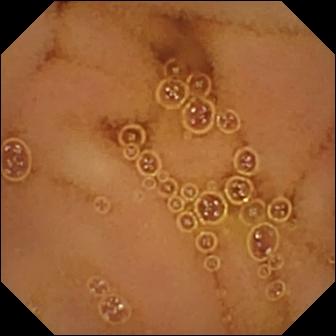Wireless capsule endoscopy snapshot. Normal clean mucosa.